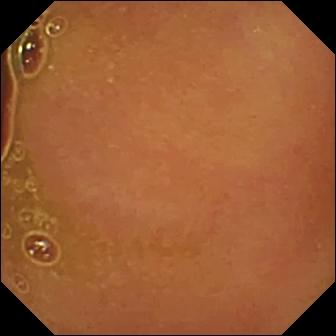modality: wireless capsule endoscopy; label: normal clean mucosa